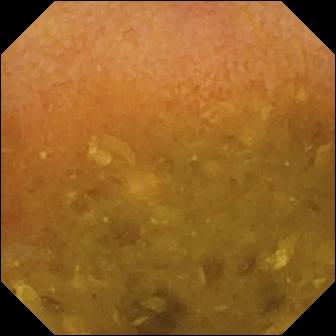This WCE view shows reduced mucosal view (content or bubbles obscuring the mucosa).